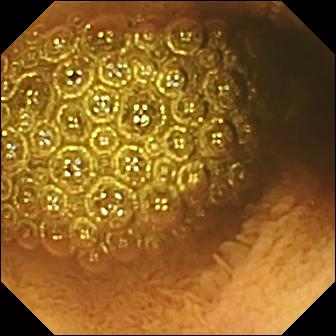PROCEDURE: Video capsule endoscopy.
SEGMENT: Small bowel.
FINDINGS: Reduced mucosal view (content or bubbles obscuring the mucosa).